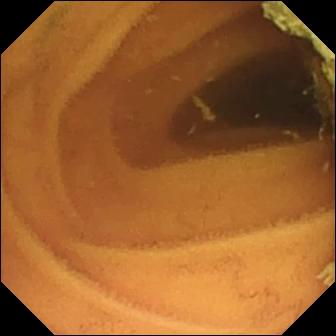Video capsule endoscopy image, small intestine
Observation: normal clean mucosa